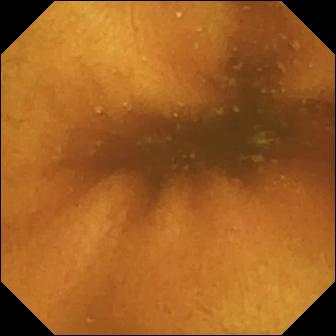This VCE snapshot of the small bowel shows normal clean mucosa.